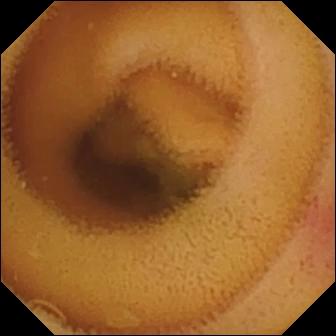Capsule endoscopy. Finding: angiectasia.